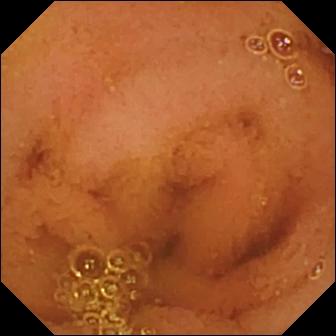Normal clean mucosa.